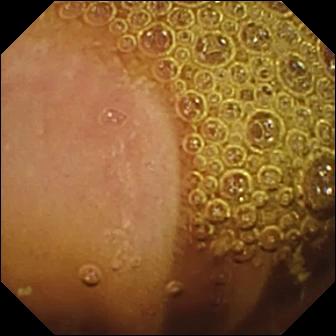PROCEDURE: Wireless capsule endoscopy.
FINDINGS: Normal clean mucosa.